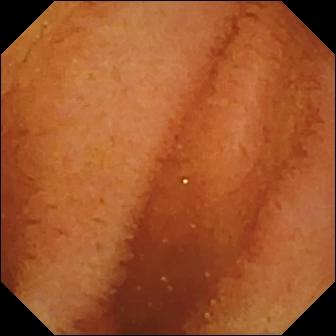Wireless capsule endoscopy view (small intestine). Normal clean mucosa.